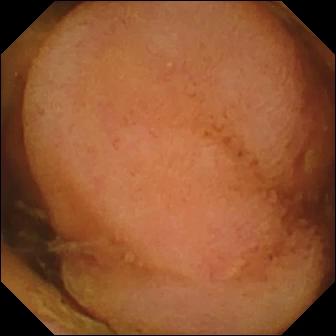Polyp.